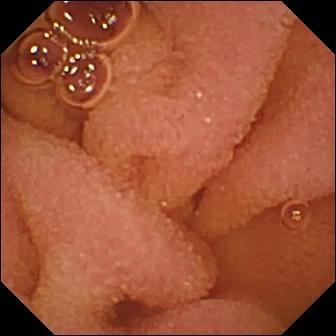Normal clean mucosa — wireless capsule endoscopy frame.